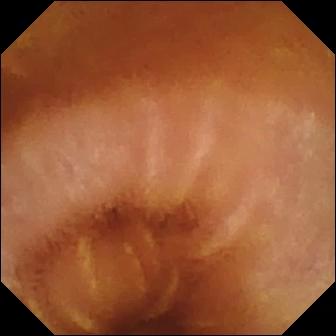- modality: WCE
- label: normal clean mucosa